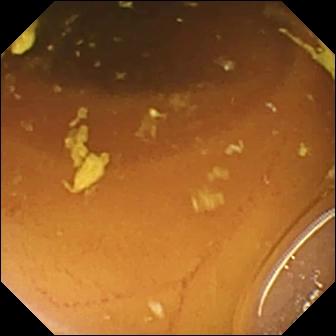{"modality": "video capsule endoscopy", "segment": "small intestine", "finding": "normal clean mucosa"}